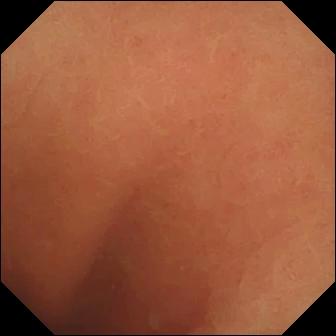Normal clean mucosa.